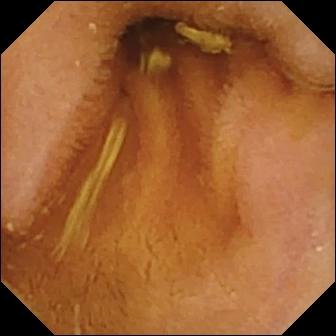Capsule endoscopy — normal clean mucosa.